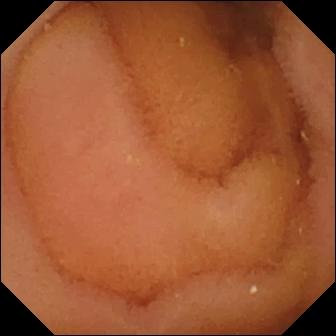This WCE image of the small bowel shows normal clean mucosa.